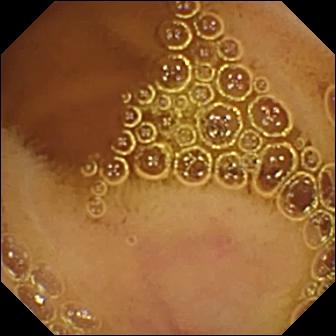Normal clean mucosa — WCE image of the small intestine.